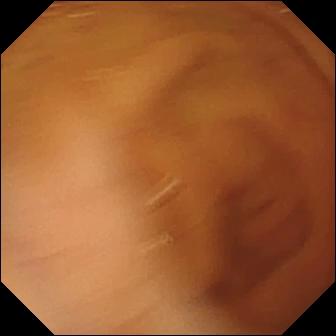This WCE frame of the small intestine shows normal clean mucosa.